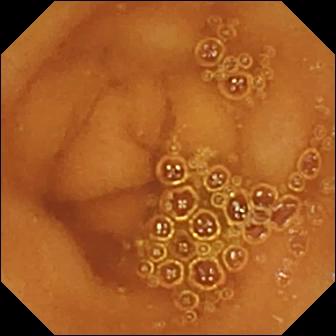Video capsule endoscopy — normal clean mucosa.